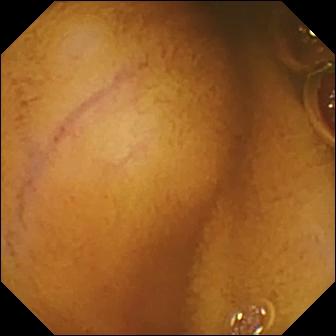WCE snapshot
Finding: normal clean mucosa